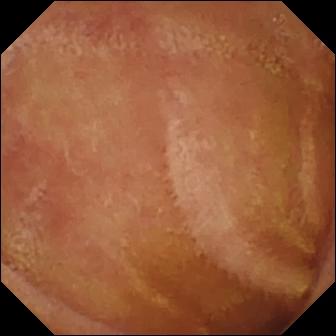Normal clean mucosa — capsule endoscopy image.